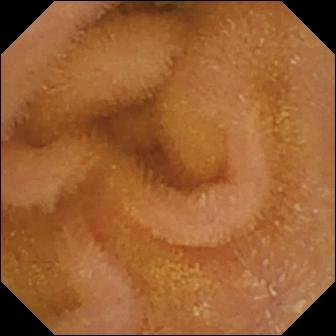Normal clean mucosa — capsule endoscopy view.